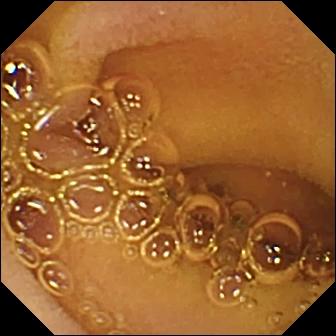PROCEDURE: VCE.
FINDINGS: Normal clean mucosa.